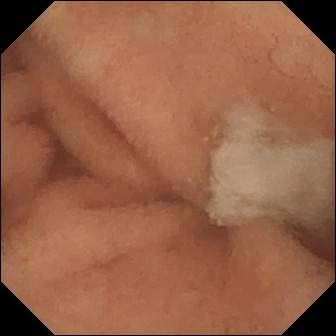Q: What does this video capsule endoscopy image of the small intestine show?
A: Normal clean mucosa.